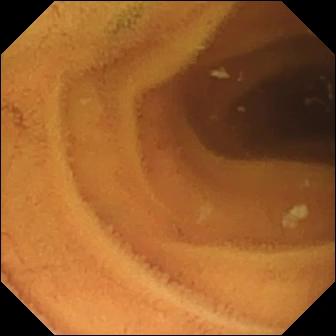This WCE still of the small intestine shows normal clean mucosa.